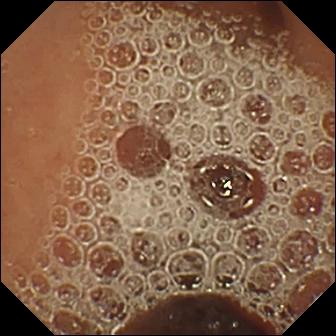PROCEDURE: WCE.
FINDINGS: Normal clean mucosa.